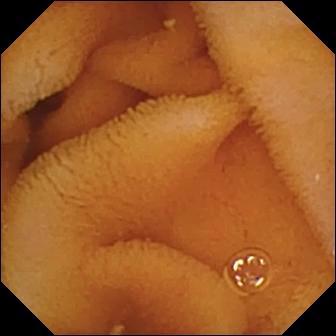PROCEDURE: Video capsule endoscopy.
FINDINGS: Normal clean mucosa.